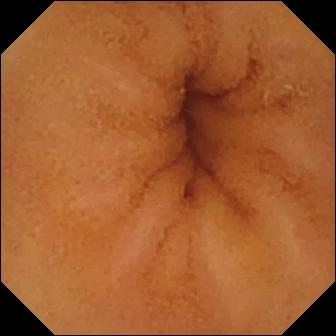VCE. Small intestine. Luminal finding. Label: normal clean mucosa.